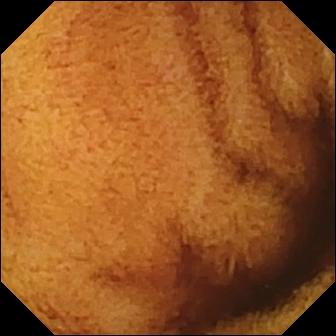PROCEDURE: VCE.
FINDINGS: Normal clean mucosa.